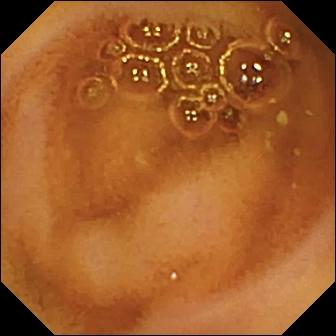Normal clean mucosa (336×336).